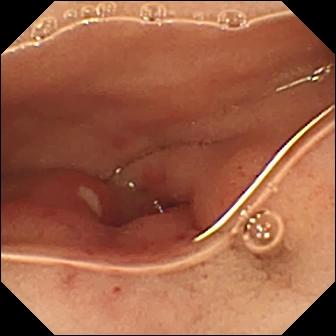Q: What does this small-bowel capsule endoscopy view show?
A: Ulcer.